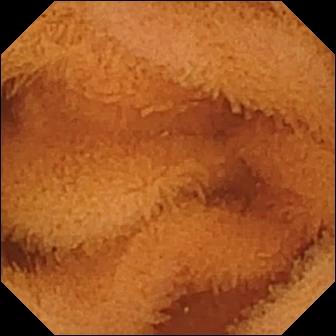- modality: VCE
- segment: small intestine
- label: normal clean mucosa